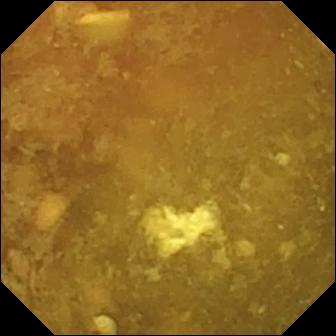VCE. Small bowel. Impression: reduced mucosal view (content or bubbles obscuring the mucosa).